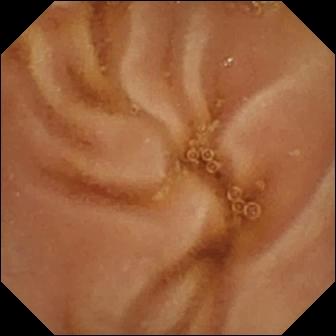PROCEDURE: VCE.
FINDINGS: Normal clean mucosa.